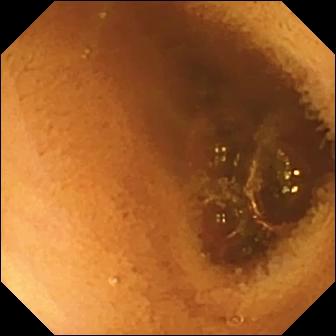This small-bowel capsule endoscopy image of the small bowel shows normal clean mucosa.